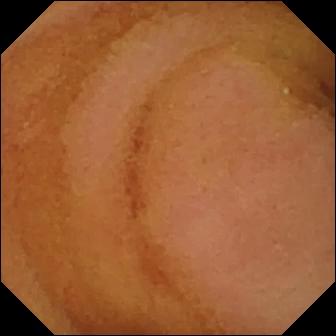Wireless capsule endoscopy image of the small intestine showing normal clean mucosa.